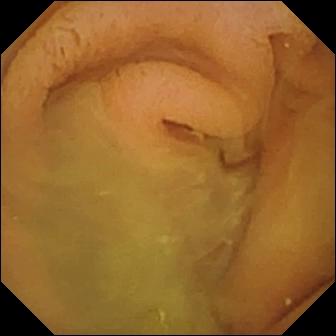Normal clean mucosa — wireless capsule endoscopy frame of the small bowel.